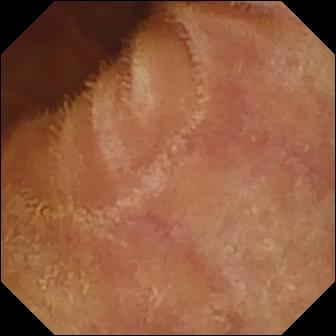This VCE view shows normal clean mucosa.